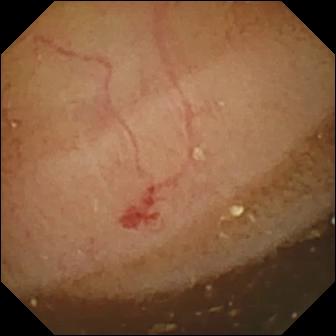modality: wireless capsule endoscopy; category: luminal finding; finding: angiectasia